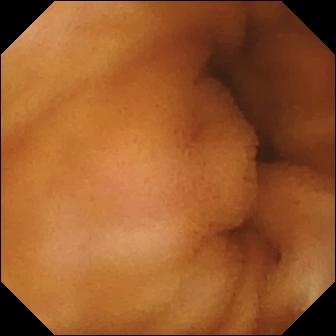VCE frame
Finding: normal clean mucosa